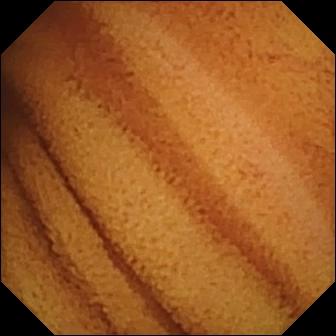Normal clean mucosa.